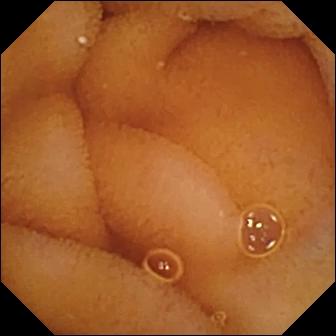Capsule endoscopy — normal clean mucosa.